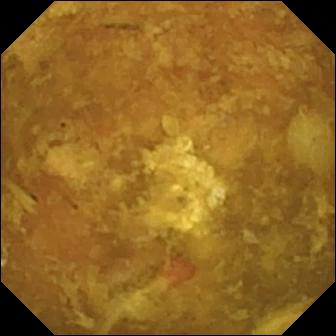PROCEDURE: Capsule endoscopy.
FINDINGS: Reduced mucosal view (content or bubbles obscuring the mucosa).